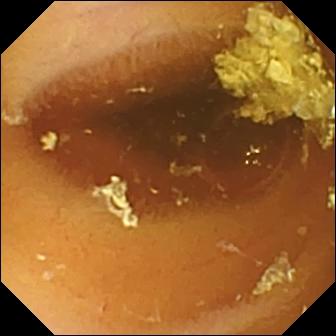This VCE frame shows normal clean mucosa.